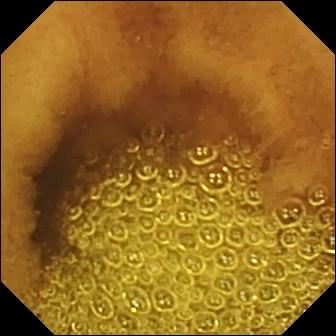Small-bowel capsule endoscopy snapshot. Normal clean mucosa.